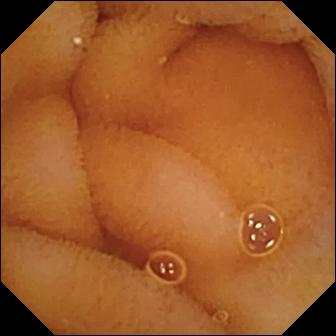WCE image showing normal clean mucosa.